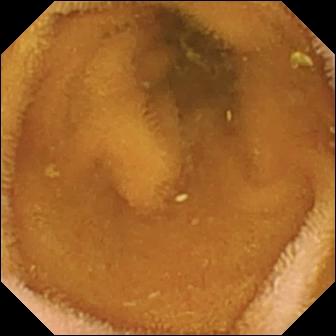Normal clean mucosa — video capsule endoscopy view.